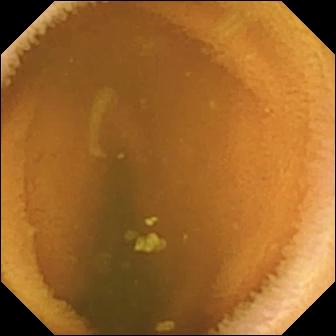Normal clean mucosa.